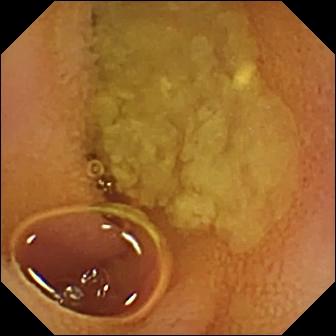Wireless capsule endoscopy — normal clean mucosa.